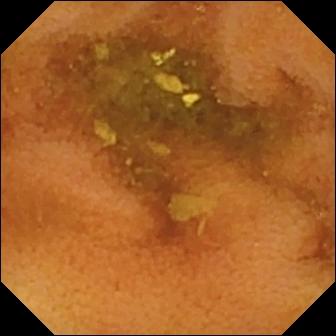This WCE snapshot of the small intestine shows normal clean mucosa.